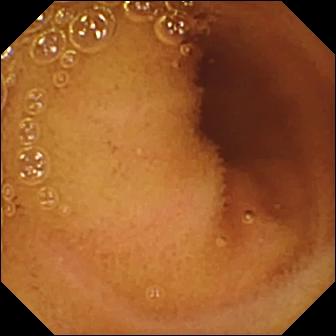Video capsule endoscopy view, small intestine
Finding: normal clean mucosa